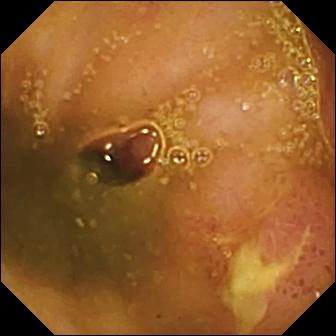PROCEDURE: Small-bowel capsule endoscopy.
FINDINGS: Ulcer.